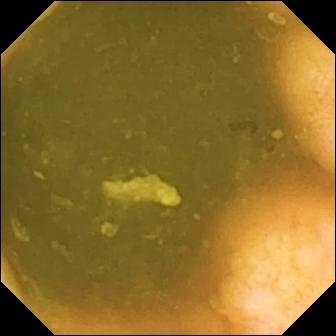VCE snapshot, 336×336. Taken in the ileo-cecal valve region.